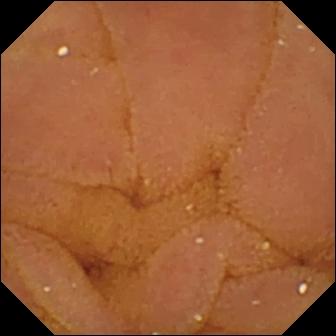Normal clean mucosa — VCE view of the small bowel.